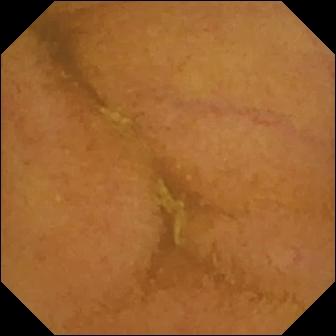WCE still (small intestine). Normal clean mucosa.